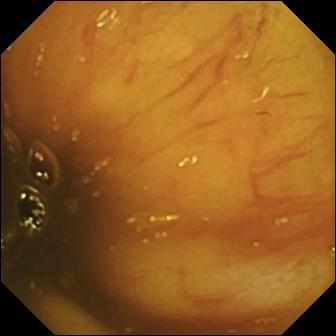WCE still
Position: ileo-cecal valve region